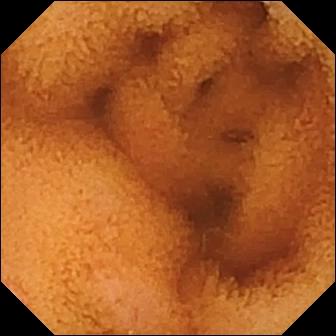Wireless capsule endoscopy. Finding: normal clean mucosa.